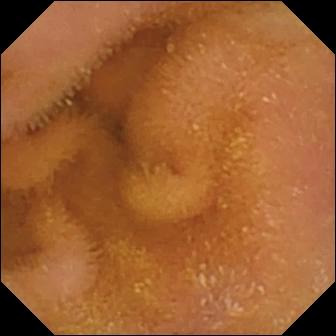Q: What does this small-bowel capsule endoscopy image of the small intestine show?
A: Normal clean mucosa.